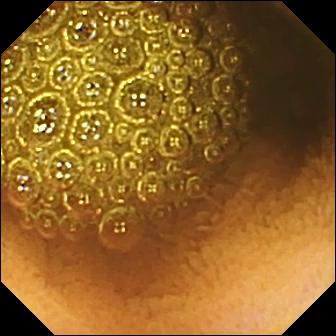WCE — reduced mucosal view (content or bubbles obscuring the mucosa).